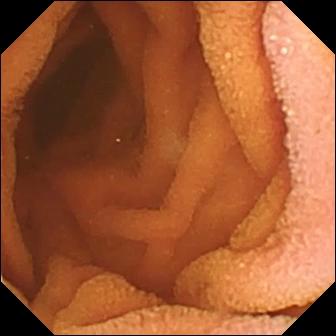Q: What does this small-bowel capsule endoscopy view show?
A: Normal clean mucosa.